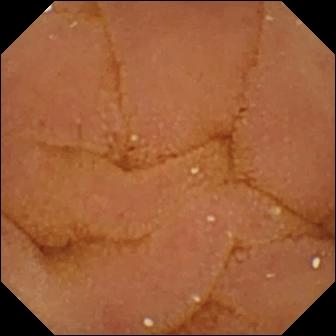WCE — normal clean mucosa.